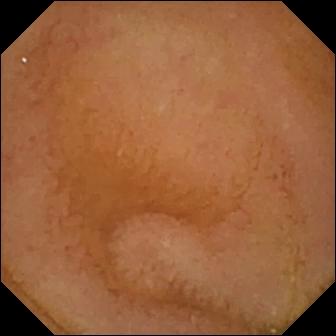Video capsule endoscopy image showing normal clean mucosa.